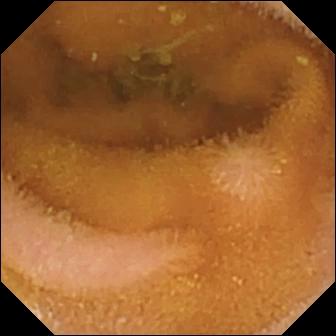Video capsule endoscopy still
Impression: normal clean mucosa